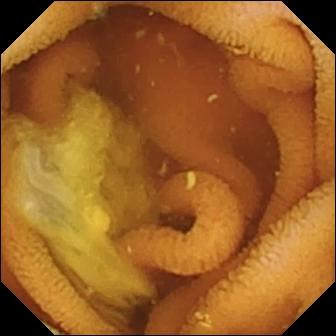Wireless capsule endoscopy — normal clean mucosa.